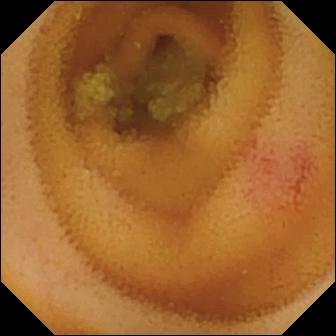Angiectasia.